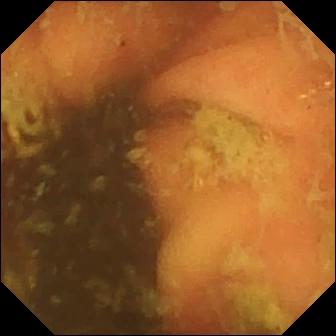Capsule endoscopy image
Location: ileo-cecal valve region (the transition from the small bowel to the large bowel)